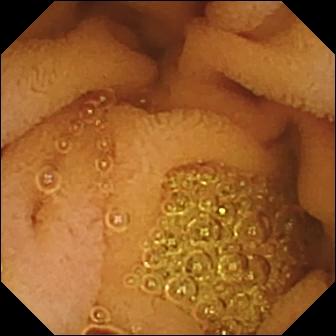Capsule endoscopy — normal clean mucosa.